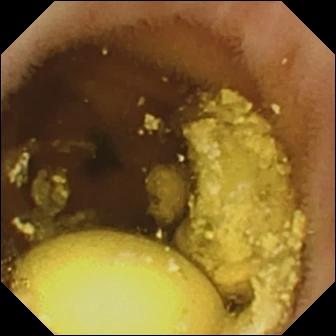Video capsule endoscopy. Luminal finding. Observation: foreign body (e.g. retained capsule, tablet residue).